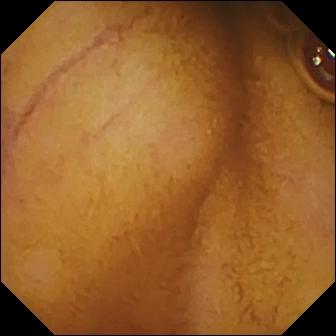WCE. Finding: normal clean mucosa.